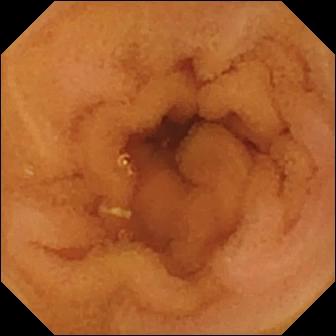WCE — normal clean mucosa.